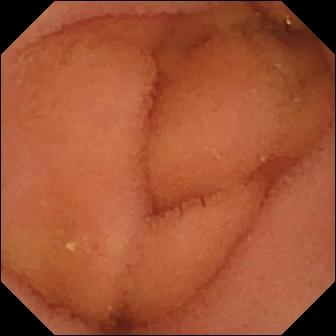modality: video capsule endoscopy
segment: small intestine
impression: normal clean mucosa